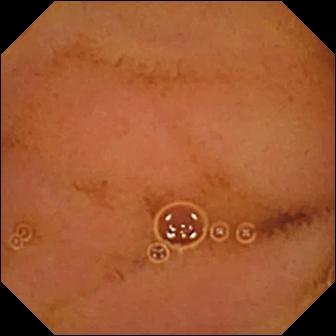- modality: VCE
- segment: small intestine
- impression: normal clean mucosa